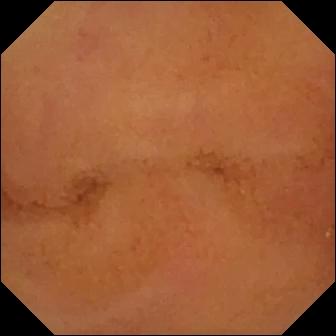- modality: WCE
- observation: normal clean mucosa